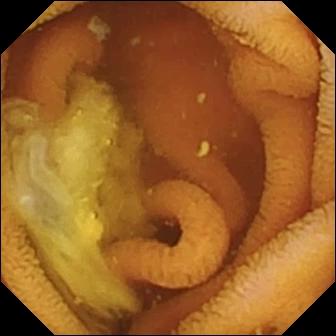modality: WCE
segment: small intestine
finding: normal clean mucosa